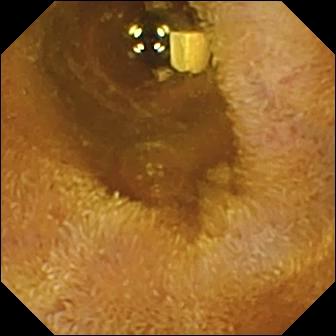Q: What does this video capsule endoscopy frame show?
A: Foreign body (e.g. retained capsule, tablet residue).